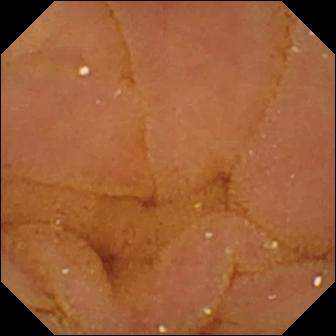WCE — normal clean mucosa.